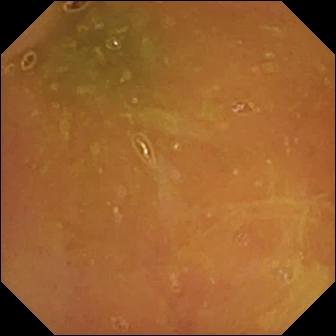modality: wireless capsule endoscopy; finding: normal clean mucosa